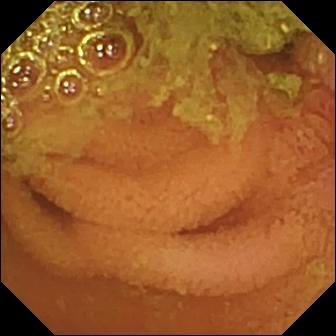This wireless capsule endoscopy snapshot of the small intestine shows normal clean mucosa.